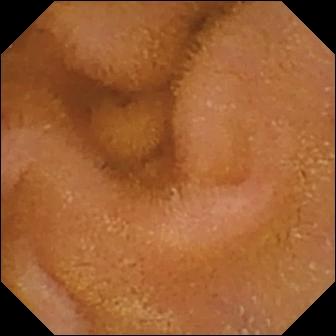Normal clean mucosa.